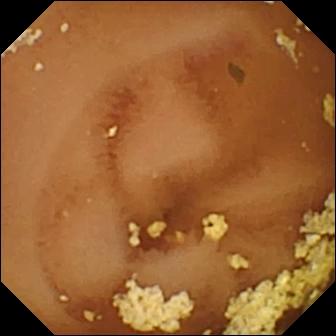- modality: small-bowel capsule endoscopy
- segment: small bowel
- finding: normal clean mucosa